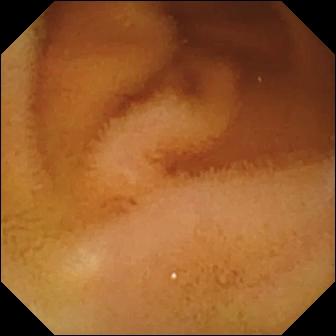Capsule endoscopy image. Normal clean mucosa.